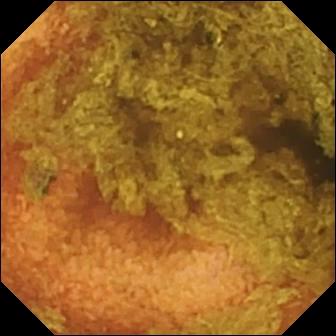- modality: video capsule endoscopy
- category: luminal finding
- finding: normal clean mucosa